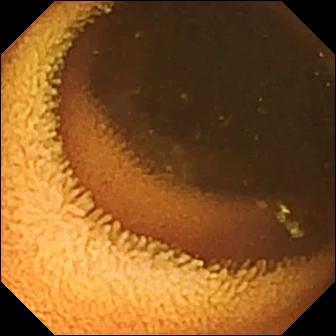Normal clean mucosa — video capsule endoscopy frame.